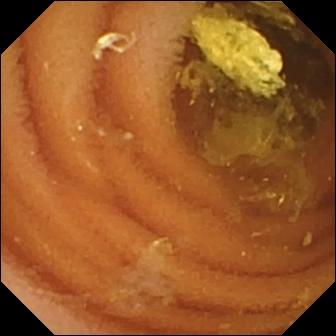VCE — normal clean mucosa.